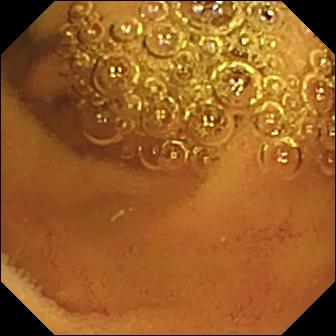PROCEDURE: WCE.
FINDINGS: Normal clean mucosa.